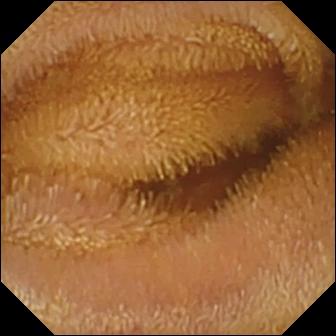VCE — normal clean mucosa.